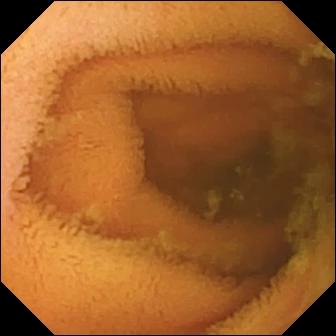This WCE frame shows normal clean mucosa.